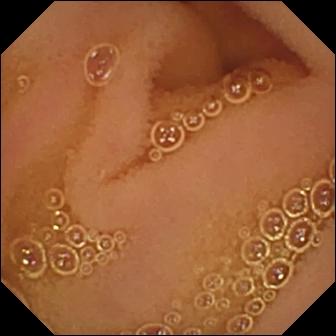Small-bowel capsule endoscopy view showing normal clean mucosa.